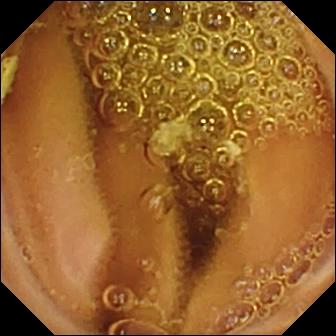Q: What does this wireless capsule endoscopy frame of the small bowel show?
A: Normal clean mucosa.